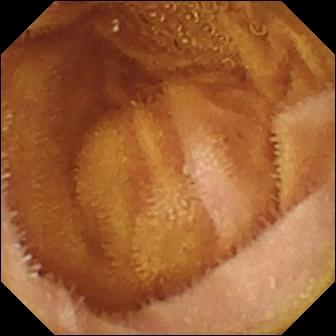Video capsule endoscopy — normal clean mucosa.